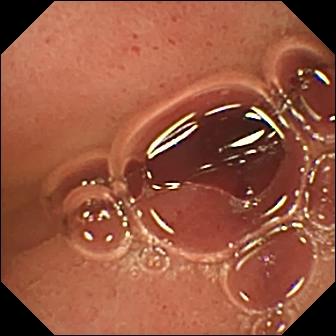Capsule endoscopy snapshot
Label: pylorus region (the junction between the stomach and the small bowel)